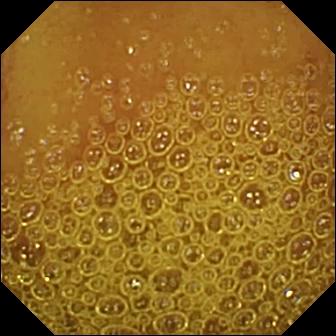VCE — normal clean mucosa.